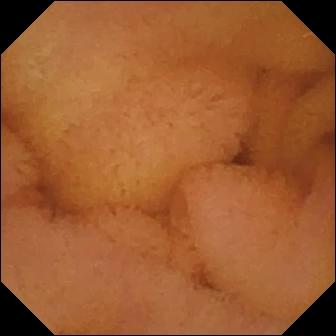Normal clean mucosa.